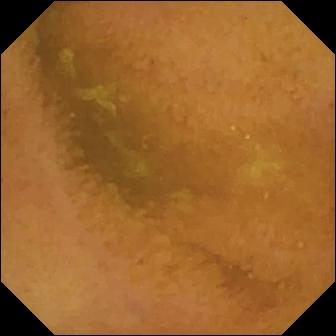Wireless capsule endoscopy — normal clean mucosa.